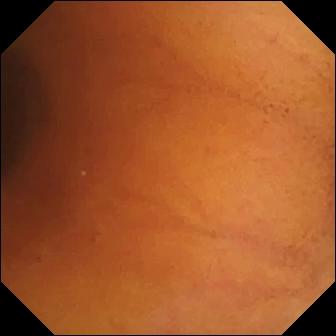Normal clean mucosa.